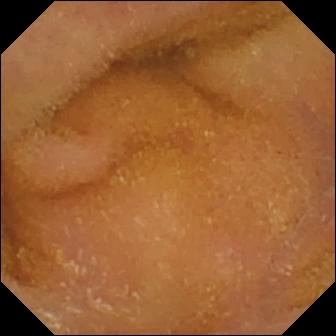modality: wireless capsule endoscopy
segment: small bowel
observation: normal clean mucosa